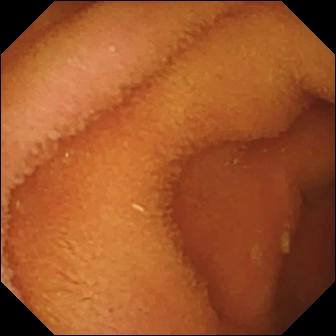Q: What does this WCE view show?
A: Normal clean mucosa.